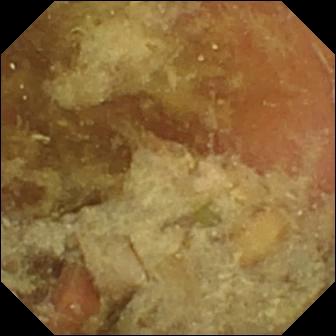Pylorus region (the junction between the stomach and the small bowel) — wireless capsule endoscopy image.